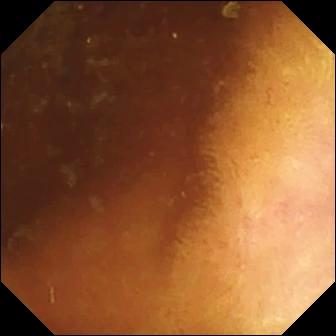Wireless capsule endoscopy — normal clean mucosa.